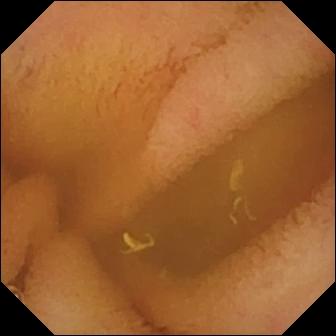{"modality": "video capsule endoscopy", "finding": "normal clean mucosa"}